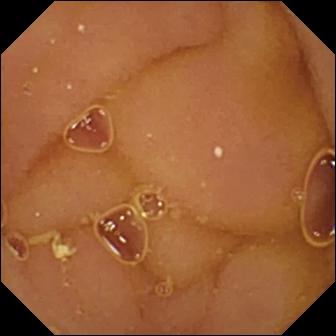PROCEDURE: Small-bowel capsule endoscopy.
FINDINGS: Normal clean mucosa.